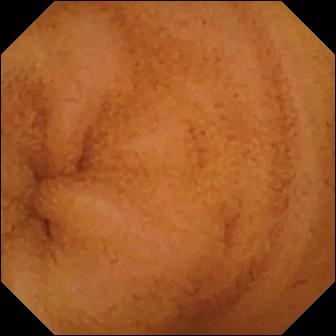Normal clean mucosa — video capsule endoscopy image of the small intestine.